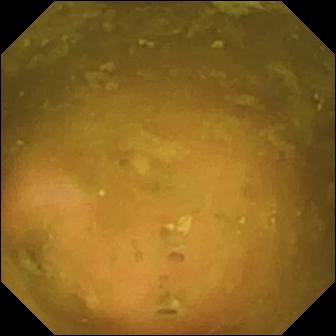This small-bowel capsule endoscopy snapshot was taken in the ileo-cecal valve region (where the capsule passes from the small bowel into the large bowel).